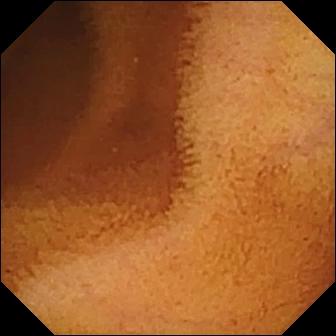WCE. Impression: normal clean mucosa.